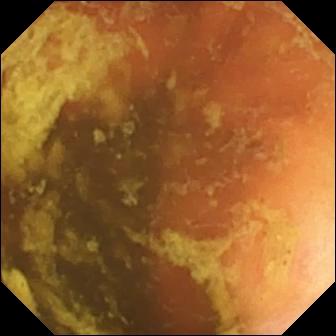modality: WCE | position: ileo-cecal valve region (where the capsule passes from the small bowel into the large bowel)